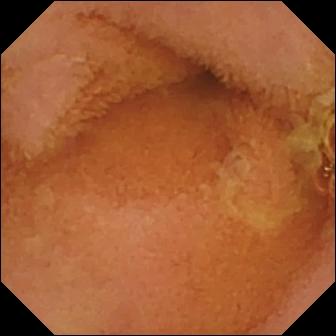Normal clean mucosa — VCE frame.